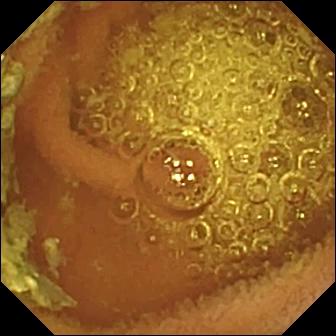Small-bowel capsule endoscopy view of the small intestine showing normal clean mucosa.